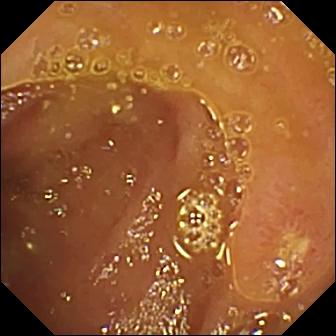Ulcer.